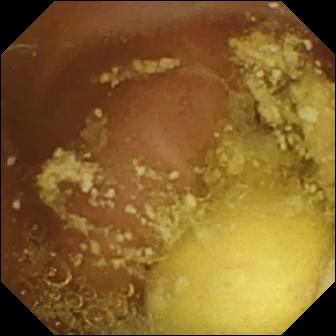modality: capsule endoscopy | finding: foreign body (e.g. retained capsule, tablet residue)